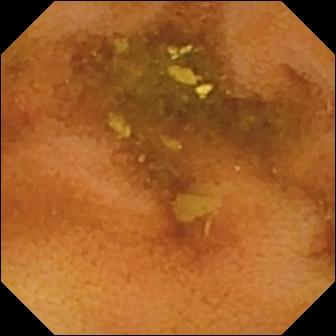Video capsule endoscopy view of the small intestine showing normal clean mucosa.